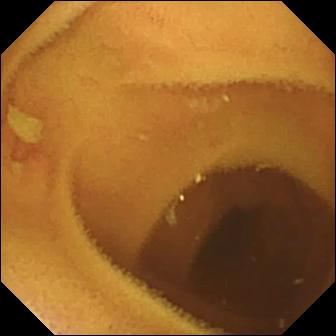This small-bowel capsule endoscopy view of the small bowel shows normal clean mucosa.